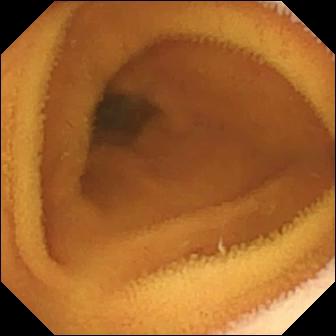{"modality": "video capsule endoscopy", "finding": "normal clean mucosa"}